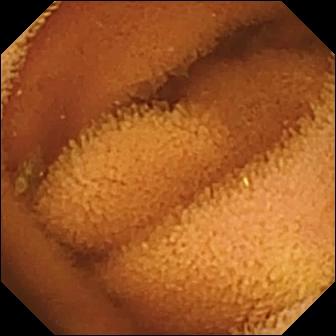modality: VCE; segment: small bowel; category: luminal finding; observation: normal clean mucosa